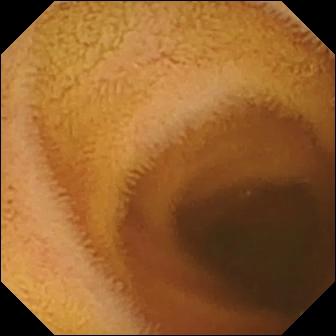Video capsule endoscopy — normal clean mucosa.